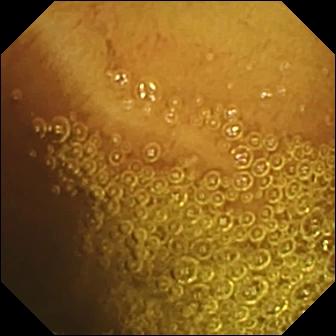WCE image. Normal clean mucosa.